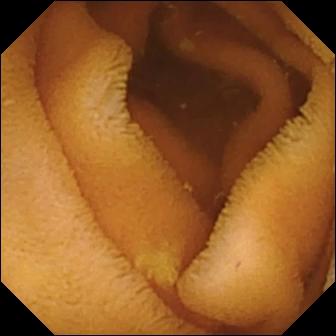Small-bowel capsule endoscopy still (small bowel). Normal clean mucosa.